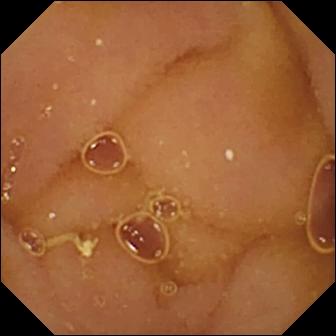Capsule endoscopy snapshot showing normal clean mucosa.